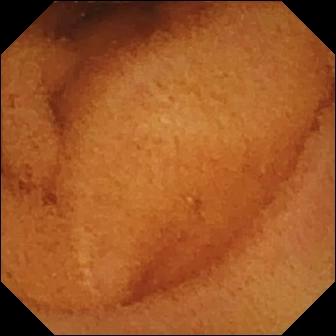Wireless capsule endoscopy. Label: normal clean mucosa.